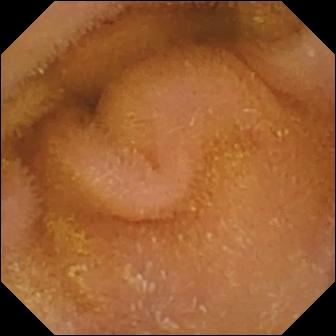- modality: WCE
- category: luminal finding
- finding: normal clean mucosa